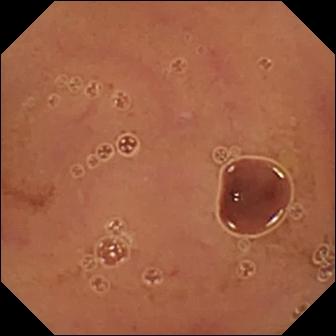Wireless capsule endoscopy — normal clean mucosa.